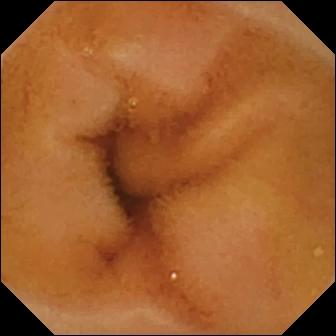Capsule endoscopy frame (small intestine). Normal clean mucosa.